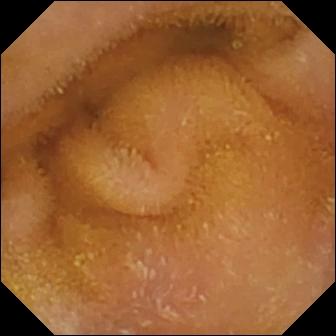Wireless capsule endoscopy. Small bowel. Observation: normal clean mucosa.